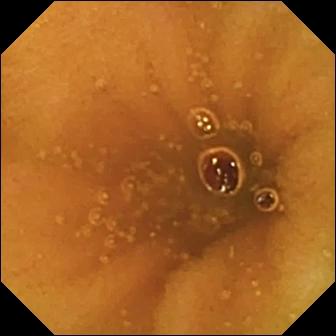Capsule endoscopy snapshot showing normal clean mucosa.